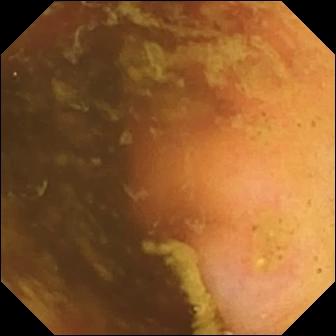Video capsule endoscopy still taken in the ileo-cecal valve region (where the capsule passes from the small bowel into the large bowel).